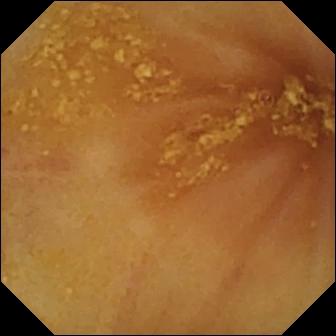{"modality": "WCE", "position": "ileo-cecal valve region (where the capsule passes from the small bowel into the large bowel)"}